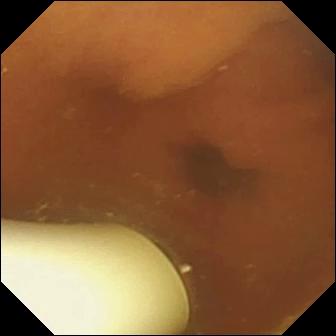Video capsule endoscopy — foreign body (e.g. retained capsule, tablet residue).